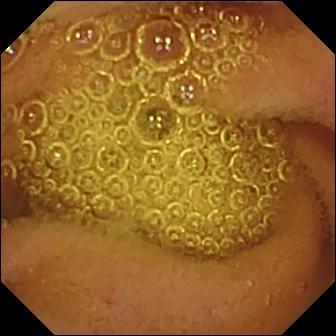Video capsule endoscopy — normal clean mucosa.